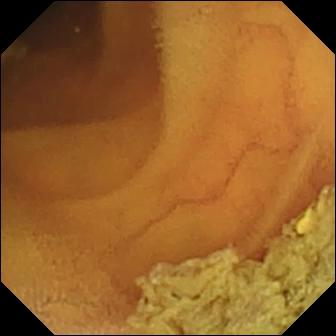WCE still
Label: normal clean mucosa